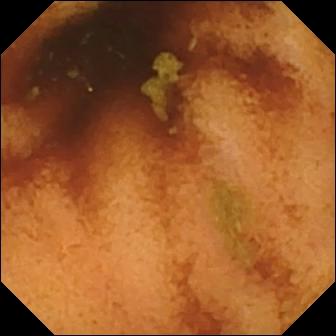- modality: wireless capsule endoscopy
- segment: small intestine
- observation: normal clean mucosa